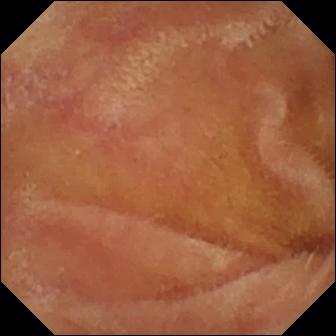{"modality": "capsule endoscopy", "finding": "normal clean mucosa"}